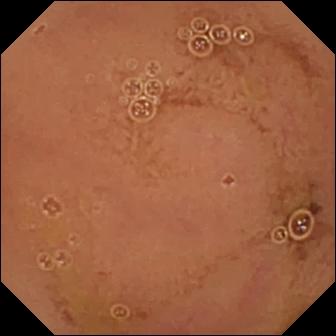Wireless capsule endoscopy image showing normal clean mucosa.